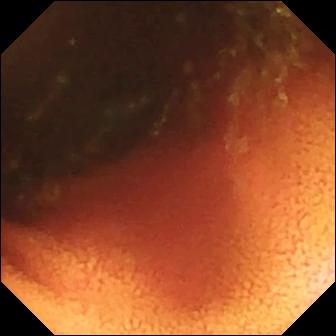Video capsule endoscopy. Location: ileo-cecal valve region (where the capsule passes from the small bowel into the large bowel).